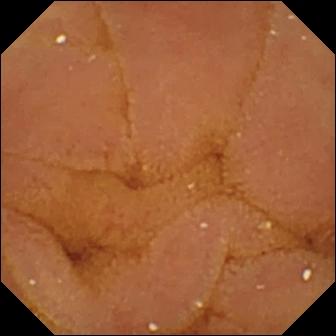{"modality": "WCE", "finding": "normal clean mucosa"}